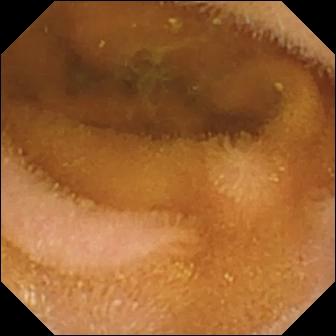Video capsule endoscopy frame. Normal clean mucosa.